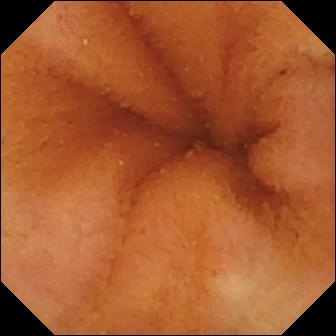PROCEDURE: Capsule endoscopy.
SEGMENT: Small bowel.
FINDINGS: Normal clean mucosa.